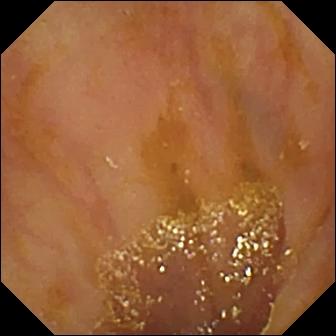WCE. Label: ileo-cecal valve region.